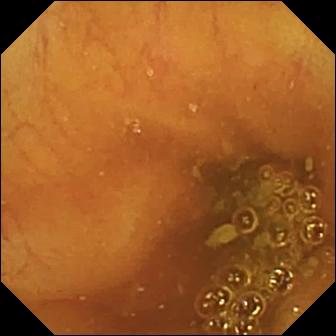Small-bowel capsule endoscopy frame
Position: ileo-cecal valve region (where the capsule passes from the small bowel into the large bowel)